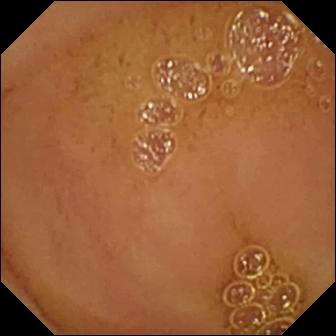{"modality": "capsule endoscopy", "finding": "normal clean mucosa"}